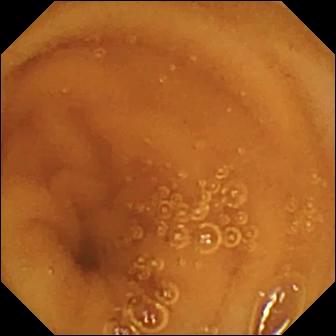WCE image (small intestine), 336×336. Normal clean mucosa.